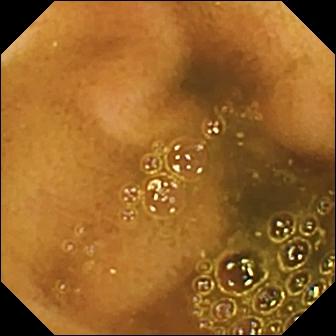This small-bowel capsule endoscopy snapshot was taken in the ileo-cecal valve region.